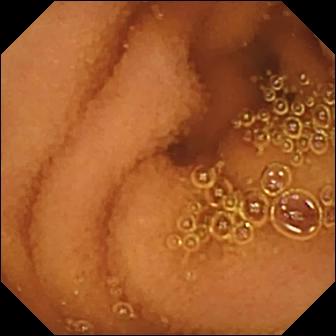- modality: WCE
- finding: normal clean mucosa